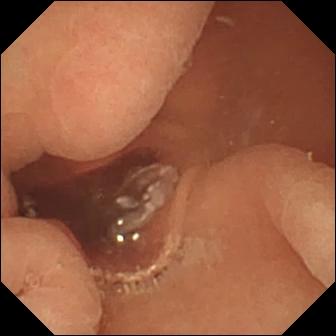Capsule endoscopy still
Observation: normal clean mucosa